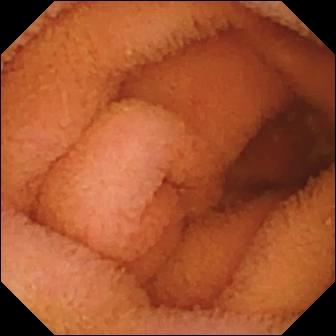- modality: small-bowel capsule endoscopy
- category: luminal finding
- impression: normal clean mucosa